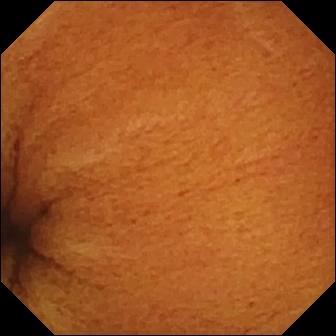VCE — normal clean mucosa.